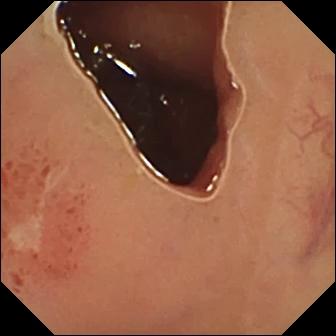Capsule endoscopy — ulcer.